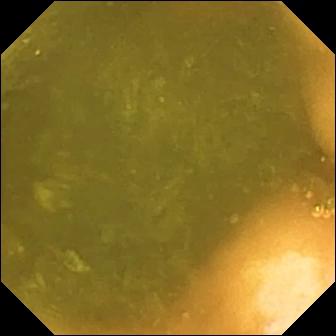Q: Where in the digestive tract was this wireless capsule endoscopy image taken?
A: Ileo-cecal valve region.